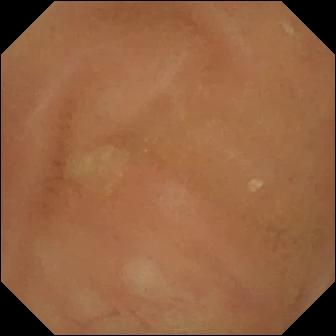Wireless capsule endoscopy. Impression: normal clean mucosa.